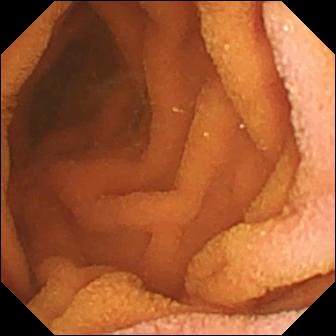Q: What does this VCE frame show?
A: Normal clean mucosa.